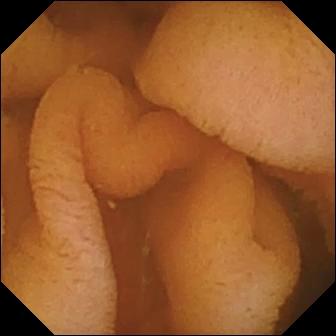Q: What does this VCE snapshot of the small intestine show?
A: Normal clean mucosa.